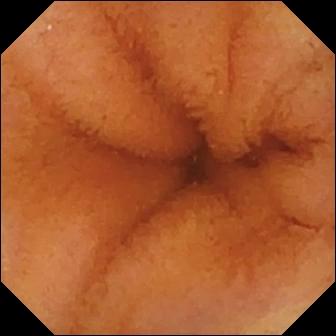VCE still. Normal clean mucosa.